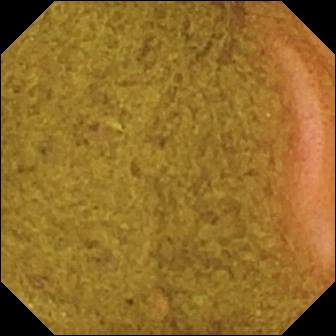Ileo-cecal valve region, 336×336.